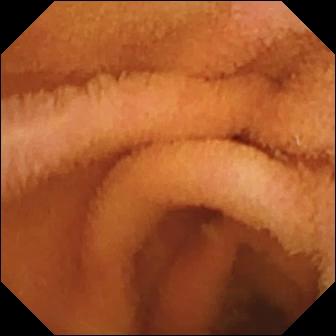Small-bowel capsule endoscopy image, small intestine
Observation: normal clean mucosa